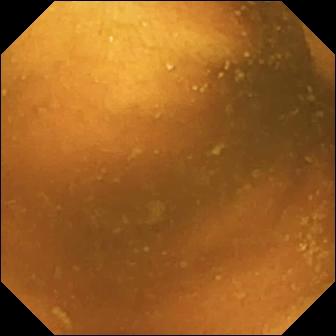Small-bowel capsule endoscopy — normal clean mucosa.